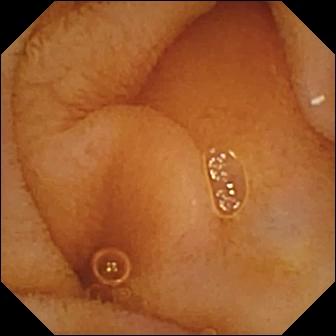Small-bowel capsule endoscopy snapshot (small bowel). Normal clean mucosa.